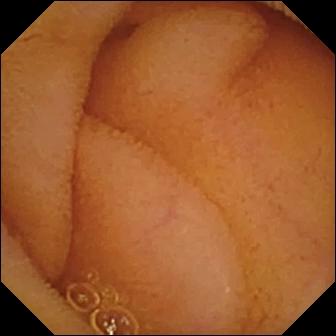PROCEDURE: VCE.
SEGMENT: Small bowel.
FINDINGS: Normal clean mucosa.